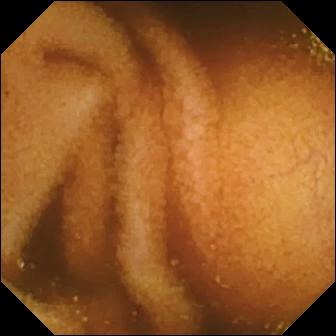modality: capsule endoscopy
label: normal clean mucosa